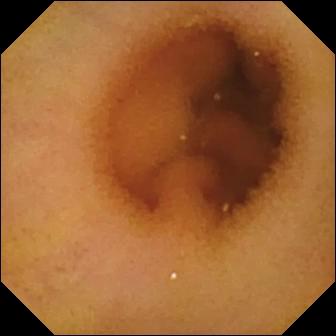- modality: small-bowel capsule endoscopy
- label: normal clean mucosa